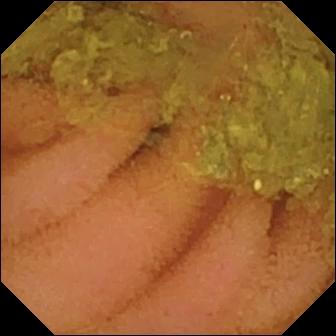- modality: VCE
- segment: small bowel
- finding: normal clean mucosa